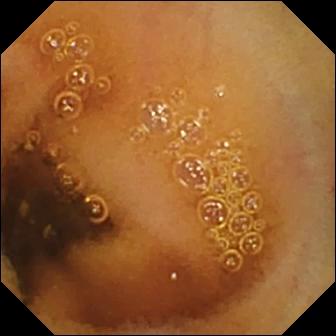This capsule endoscopy view shows normal clean mucosa.